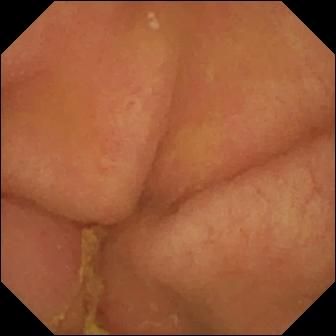Pylorus region.